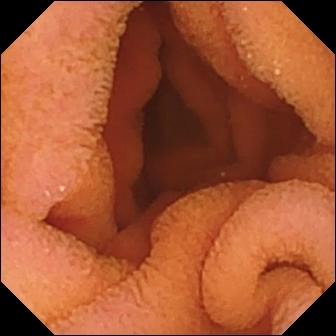Q: What does this small-bowel capsule endoscopy snapshot show?
A: Normal clean mucosa.